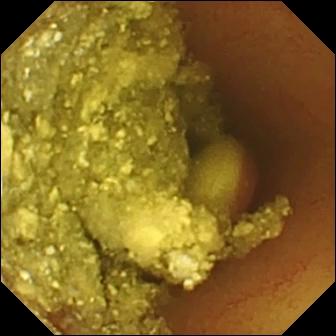Q: What does this video capsule endoscopy image show?
A: Foreign body (e.g. retained capsule, tablet residue).